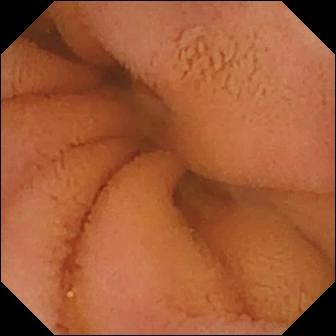Capsule endoscopy snapshot (small intestine), 336×336. Normal clean mucosa.